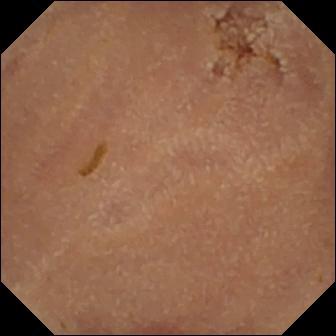Small-bowel capsule endoscopy. Small intestine. Impression: normal clean mucosa.